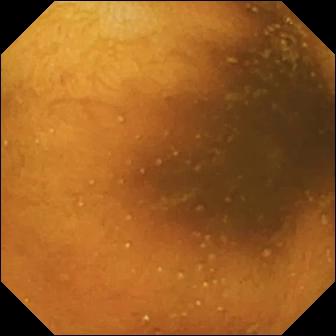Normal clean mucosa.